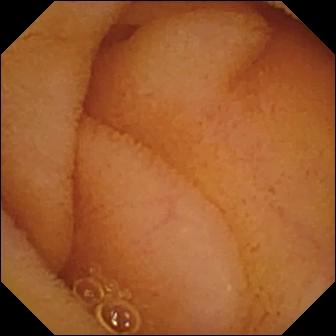PROCEDURE: WCE.
SEGMENT: Small intestine.
FINDINGS: Normal clean mucosa.